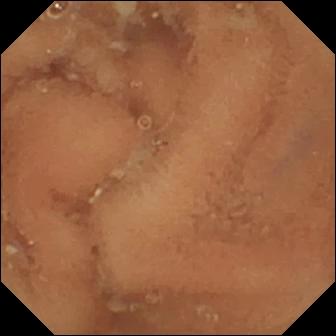Normal clean mucosa.